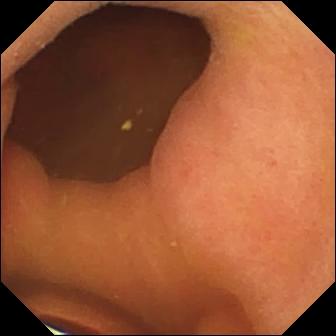Q: What does this small-bowel capsule endoscopy image show?
A: Foreign body (e.g. retained capsule, tablet residue).